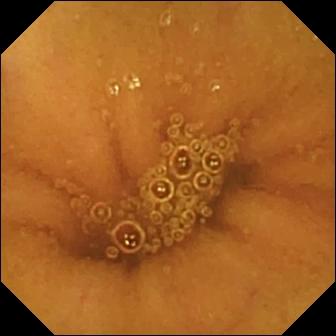Normal clean mucosa — video capsule endoscopy snapshot of the small intestine.